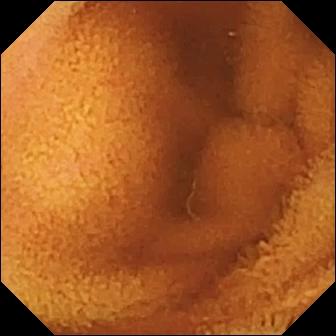Q: What does this WCE still of the small bowel show?
A: Normal clean mucosa.